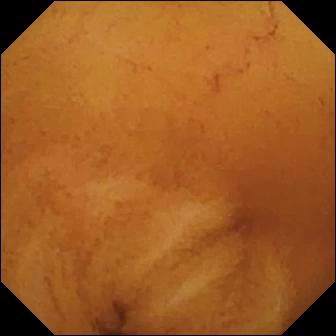WCE image, small intestine
Finding: normal clean mucosa